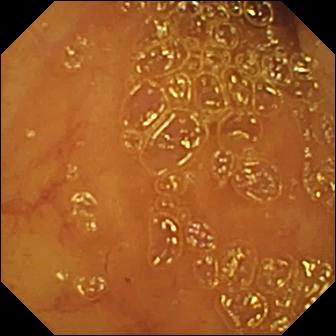modality: VCE
video segment: ileo-cecal valve region